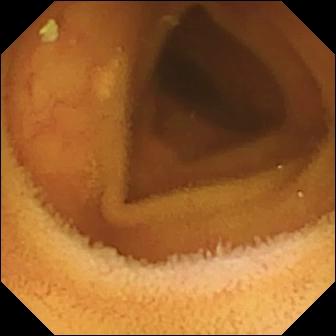Wireless capsule endoscopy snapshot showing normal clean mucosa.